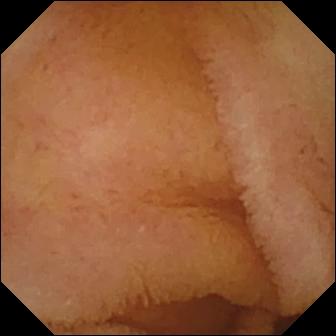modality: VCE | segment: small bowel | category: luminal finding | observation: normal clean mucosa